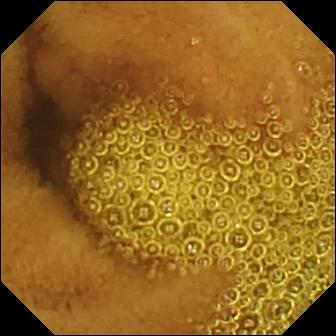modality: WCE
impression: normal clean mucosa